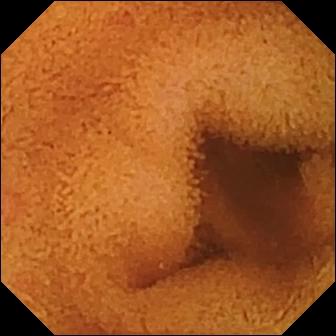Wireless capsule endoscopy image of the small intestine showing normal clean mucosa.